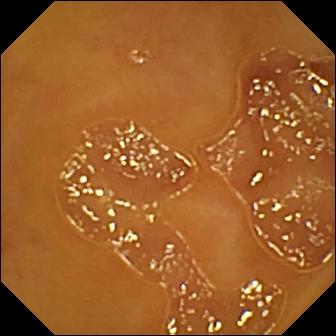Video capsule endoscopy frame of the small bowel showing normal clean mucosa.